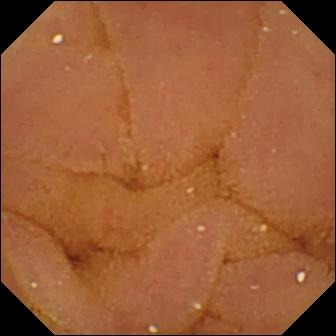WCE frame, small intestine
Impression: normal clean mucosa